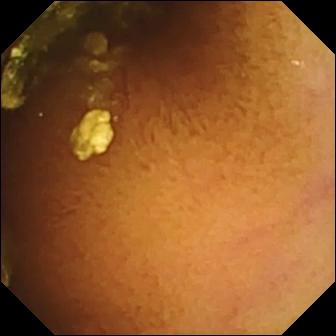{"modality": "video capsule endoscopy", "finding": "normal clean mucosa"}